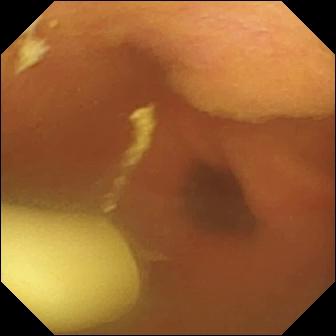Q: What does this video capsule endoscopy frame show?
A: Foreign body (e.g. retained capsule, tablet residue).